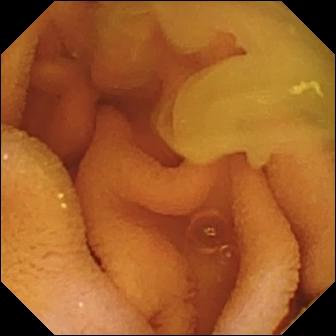This capsule endoscopy snapshot of the small intestine shows normal clean mucosa.